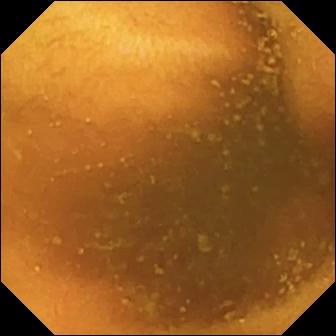Q: What does this capsule endoscopy image of the small bowel show?
A: Normal clean mucosa.